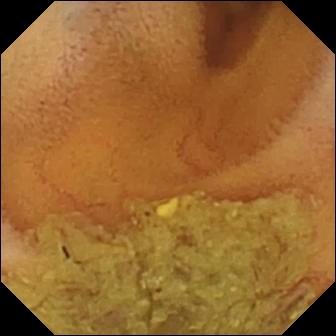VCE view. Normal clean mucosa.